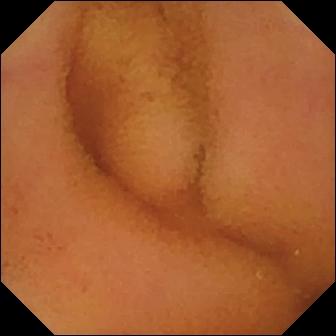{"modality": "WCE", "finding": "normal clean mucosa"}